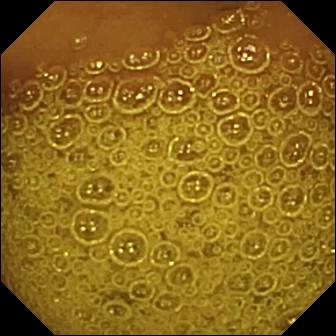- modality: WCE
- segment: small intestine
- finding: normal clean mucosa